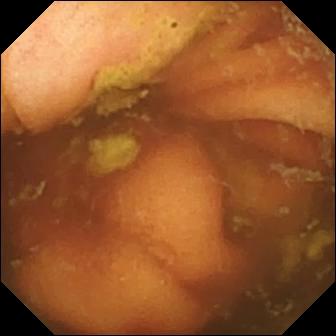Small-bowel capsule endoscopy still
Video segment: ileo-cecal valve region (the transition from the small bowel to the large bowel)